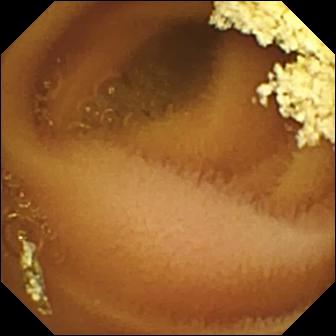Normal clean mucosa (336×336).